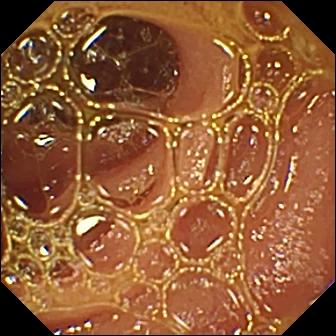modality: VCE; segment: small bowel; impression: normal clean mucosa